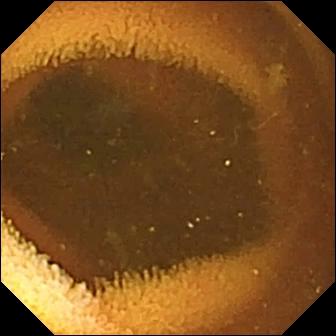Q: What does this small-bowel capsule endoscopy view of the small intestine show?
A: Normal clean mucosa.